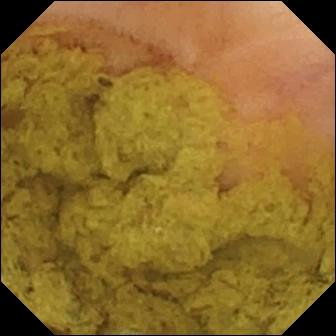- modality: wireless capsule endoscopy
- video segment: ileo-cecal valve region